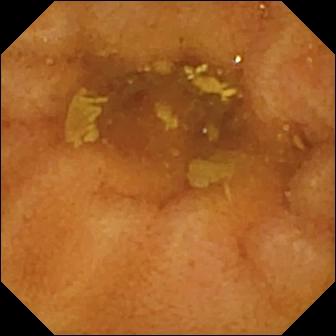Capsule endoscopy frame
Impression: normal clean mucosa